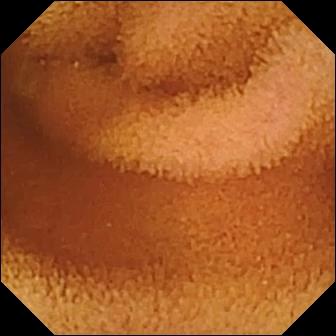Normal clean mucosa — capsule endoscopy view.